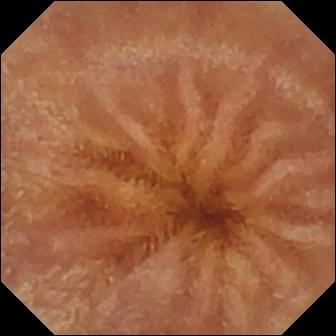Small-bowel capsule endoscopy image of the small bowel showing normal clean mucosa.